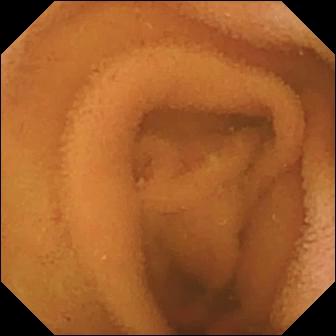Q: What does this WCE snapshot of the small intestine show?
A: Normal clean mucosa.